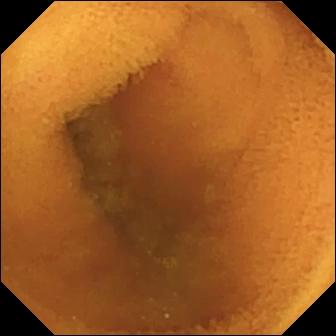Video capsule endoscopy. Small bowel. Luminal finding. Observation: normal clean mucosa.